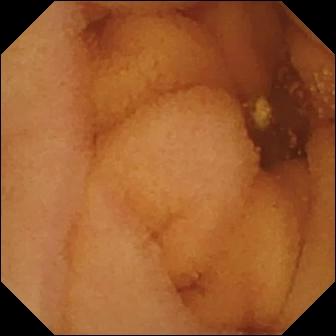PROCEDURE: Small-bowel capsule endoscopy.
FINDINGS: Normal clean mucosa.